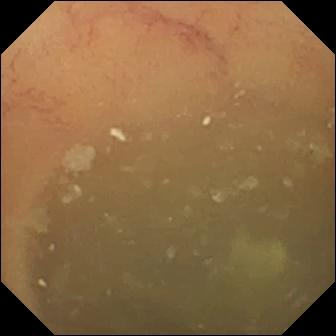Q: What does this WCE still show?
A: Normal clean mucosa.